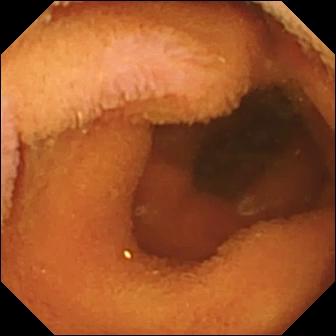Normal clean mucosa — small-bowel capsule endoscopy snapshot of the small intestine.